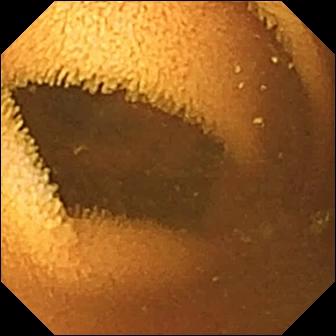This small-bowel capsule endoscopy image of the small bowel shows normal clean mucosa.